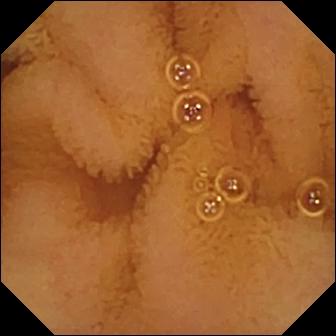Capsule endoscopy view (small intestine), 336×336. Normal clean mucosa.